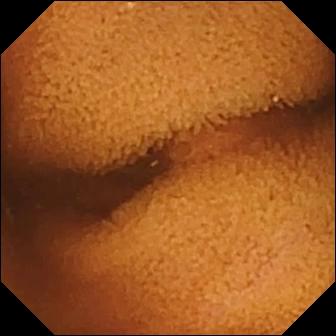Normal clean mucosa.